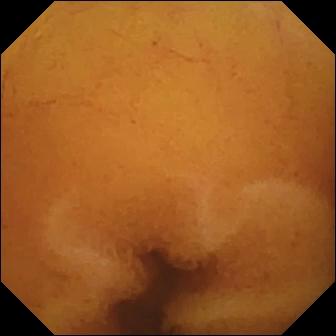{"modality": "video capsule endoscopy", "finding": "normal clean mucosa"}